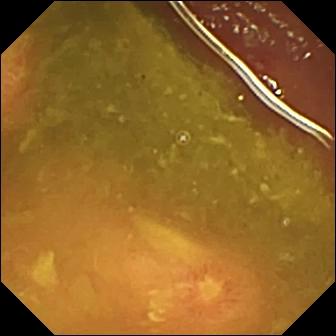Q: What does this video capsule endoscopy frame show?
A: Ulcer.